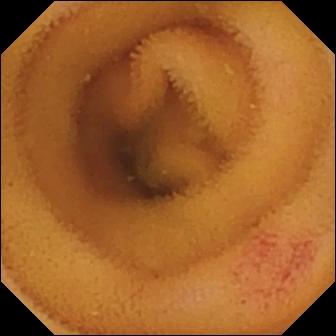Wireless capsule endoscopy image
Label: angiectasia